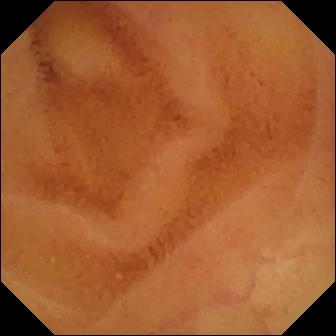Normal clean mucosa.